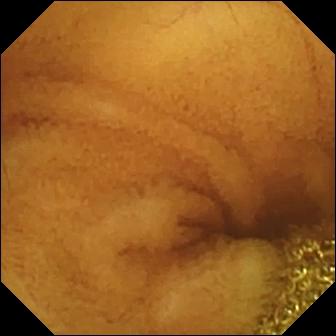WCE view. Normal clean mucosa.